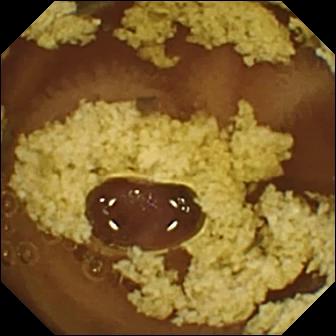Normal clean mucosa.